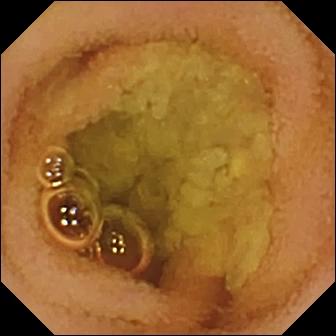WCE still. Normal clean mucosa.